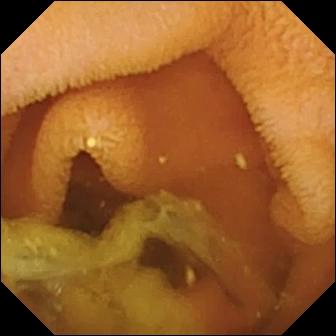Q: What does this capsule endoscopy image of the small bowel show?
A: Normal clean mucosa.